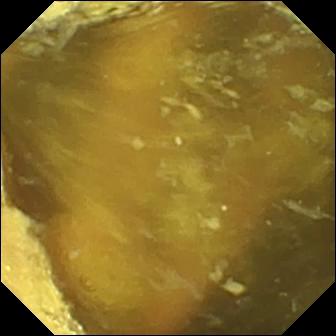Wireless capsule endoscopy — ileo-cecal valve region.